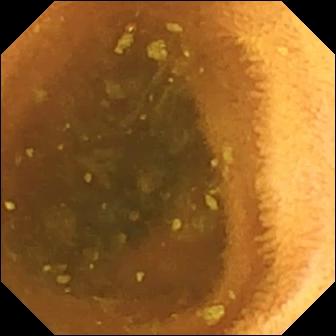Small-bowel capsule endoscopy — normal clean mucosa.